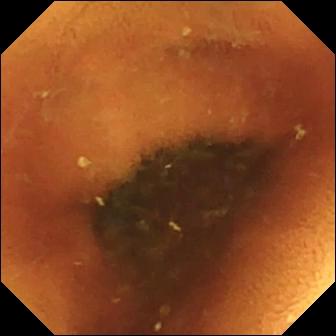This wireless capsule endoscopy still of the small intestine shows normal clean mucosa.